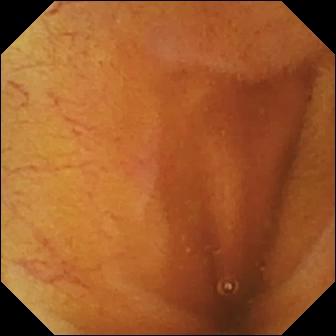Video capsule endoscopy image taken in the ileo-cecal valve region.